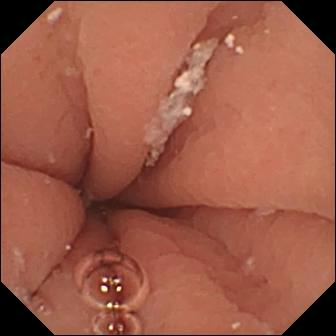PROCEDURE: Wireless capsule endoscopy.
LABEL: Pylorus region (where the capsule passes from the stomach into the small bowel).